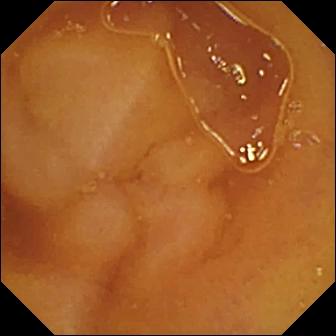WCE. Small intestine. Observation: normal clean mucosa.